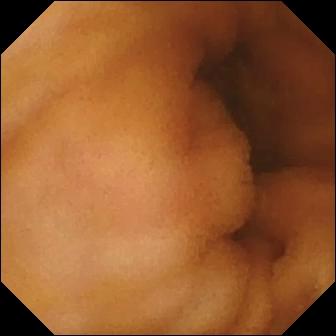Q: What does this VCE image show?
A: Normal clean mucosa.